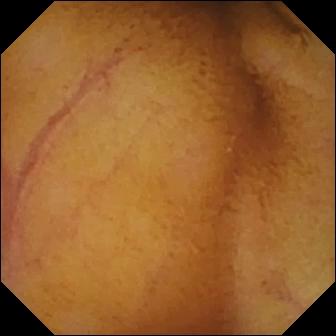{"modality": "small-bowel capsule endoscopy", "segment": "small intestine", "category": "luminal finding", "finding": "normal clean mucosa"}